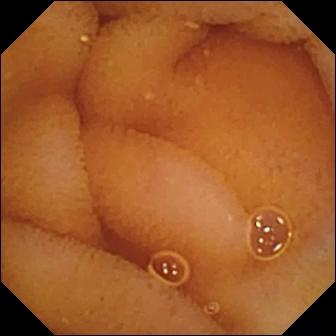Normal clean mucosa (336×336).